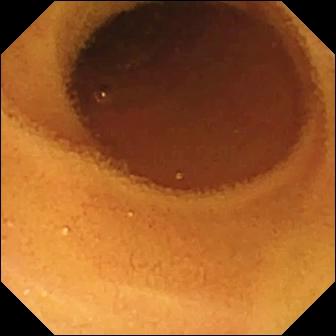Q: What does this VCE still of the small intestine show?
A: Normal clean mucosa.